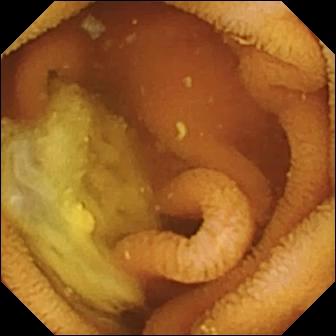This WCE frame of the small intestine shows normal clean mucosa.